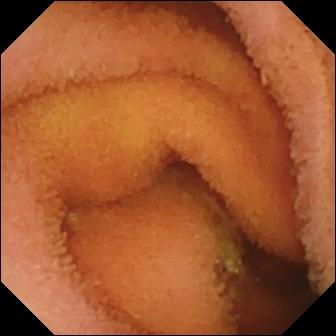Normal clean mucosa — VCE frame of the small intestine.